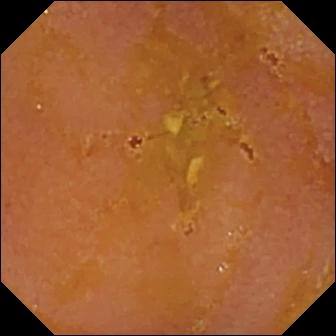VCE image
Observation: reduced mucosal view (content or bubbles obscuring the mucosa)